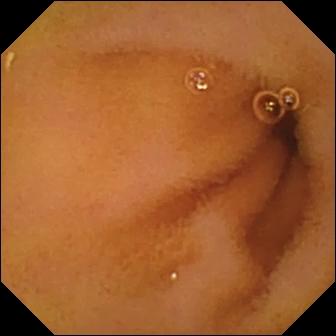Video capsule endoscopy view showing normal clean mucosa.